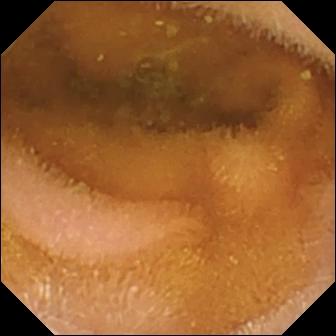{"modality": "VCE", "finding": "normal clean mucosa"}